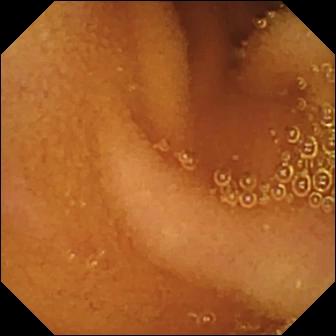This video capsule endoscopy image shows normal clean mucosa.